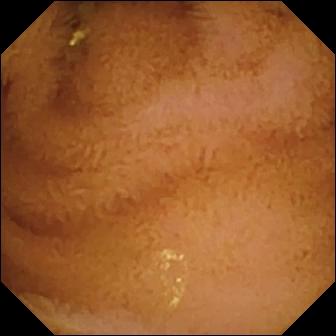modality: small-bowel capsule endoscopy; segment: small bowel; category: luminal finding; observation: normal clean mucosa